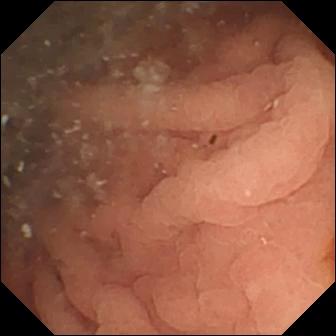WCE. Observation: angiectasia.